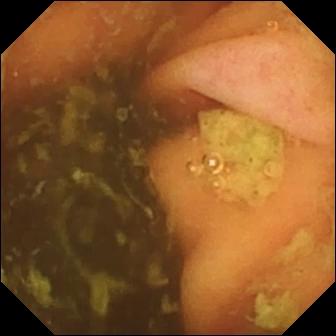Ileo-cecal valve region (where the capsule passes from the small bowel into the large bowel).